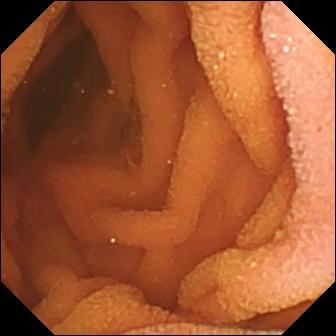{"modality": "video capsule endoscopy", "finding": "normal clean mucosa"}